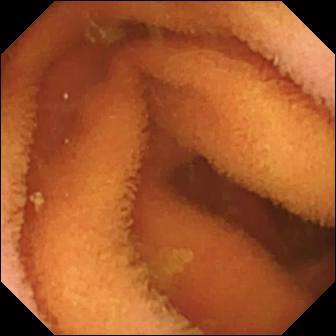Q: What does this video capsule endoscopy view of the small intestine show?
A: Normal clean mucosa.